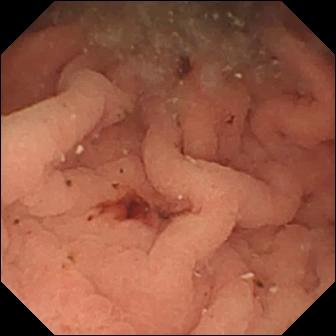Video capsule endoscopy. Observation: fresh blood in the lumen.